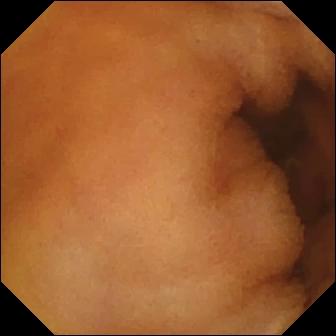Q: What does this capsule endoscopy still show?
A: Normal clean mucosa.